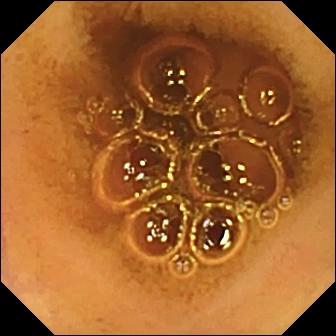Capsule endoscopy image, small intestine
Impression: normal clean mucosa